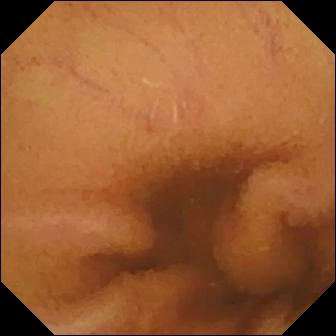Q: What does this capsule endoscopy view of the small bowel show?
A: Normal clean mucosa.